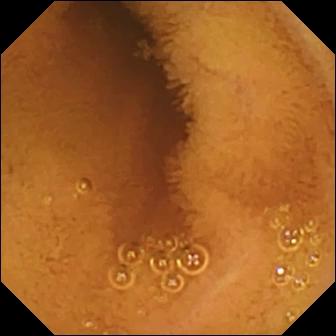Video capsule endoscopy view of the small bowel showing normal clean mucosa.